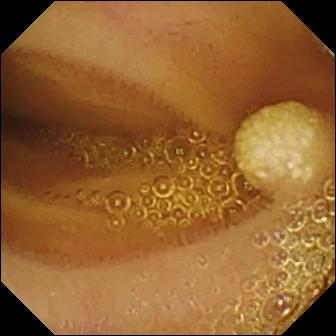Capsule endoscopy image. Lymphangiectasia.